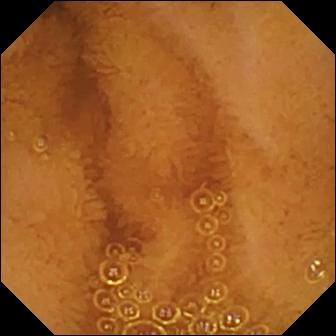Normal clean mucosa — video capsule endoscopy view.